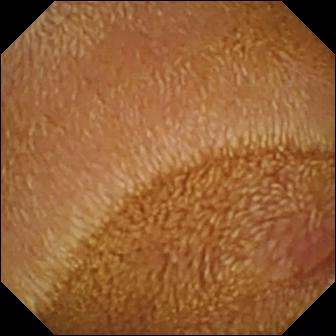This wireless capsule endoscopy still shows erosion.